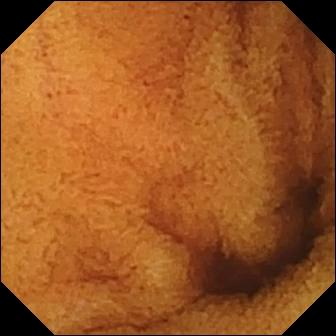This VCE still shows normal clean mucosa.